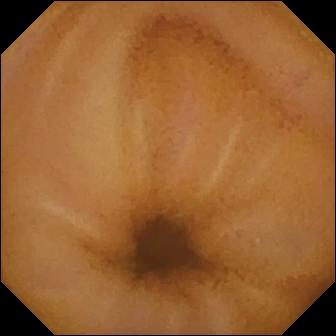VCE. Small bowel. Finding: normal clean mucosa.